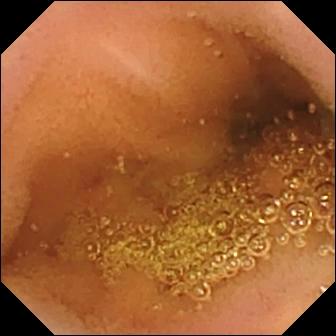Normal clean mucosa.